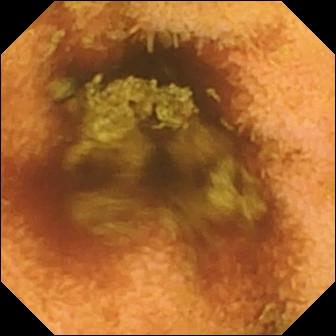Capsule endoscopy view (small bowel). Normal clean mucosa.